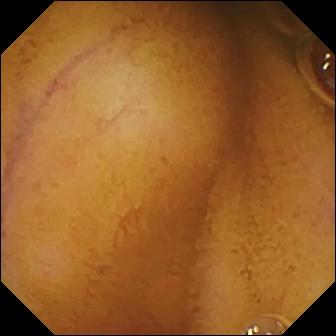Video capsule endoscopy frame of the small intestine showing normal clean mucosa.